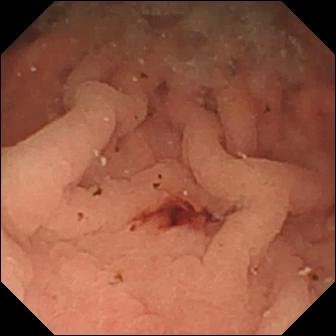Capsule endoscopy. Label: fresh blood in the lumen.